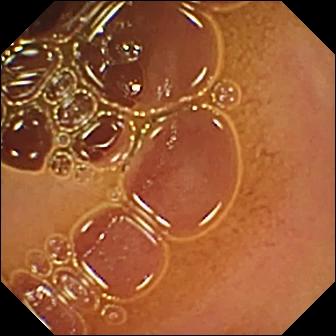Capsule endoscopy — normal clean mucosa.